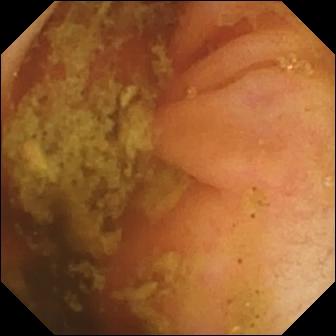Ileo-cecal valve region (the transition from the small bowel to the large bowel).